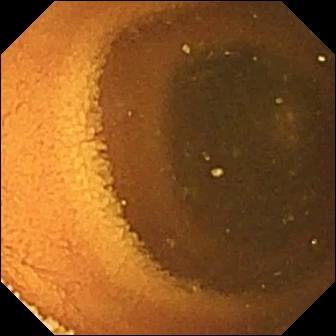Video capsule endoscopy frame, small bowel
Finding: normal clean mucosa